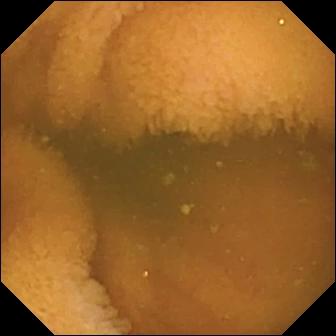- modality: VCE
- segment: small bowel
- observation: normal clean mucosa